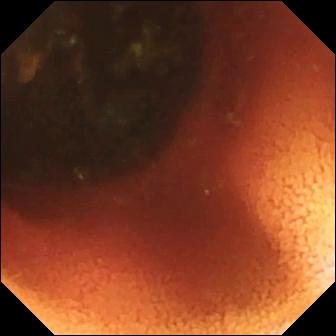VCE snapshot taken in the ileo-cecal valve region (the transition from the small bowel to the large bowel).